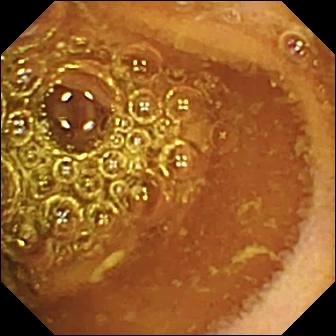modality: small-bowel capsule endoscopy | segment: small bowel | category: luminal finding | label: normal clean mucosa